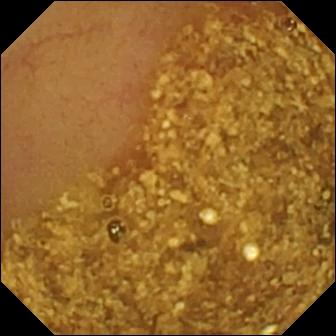Wireless capsule endoscopy. Near an anatomical landmark. Label: ileo-cecal valve region (where the capsule passes from the small bowel into the large bowel).